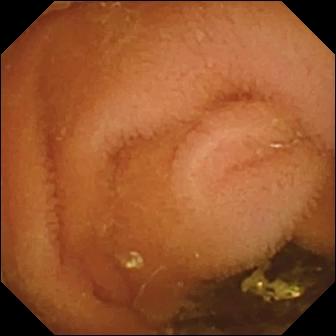VCE. Small intestine. Finding: normal clean mucosa.